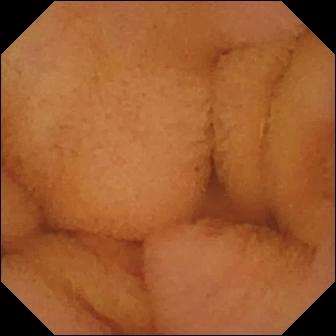VCE. Luminal finding. Finding: normal clean mucosa.